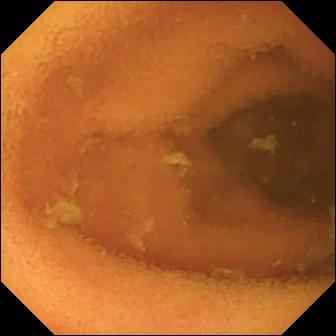VCE. Luminal finding. Observation: normal clean mucosa.